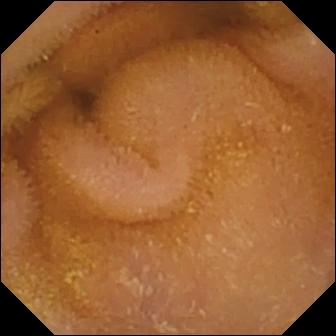{"modality": "video capsule endoscopy", "finding": "normal clean mucosa"}